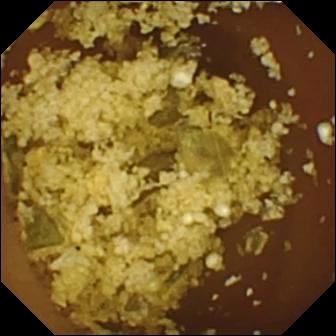Normal clean mucosa — capsule endoscopy still.